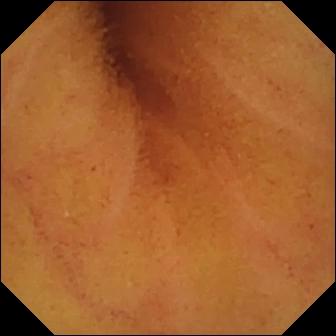Normal clean mucosa (336×336).